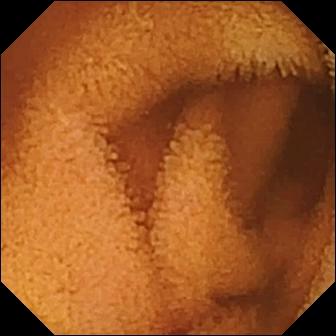Wireless capsule endoscopy image. Normal clean mucosa.